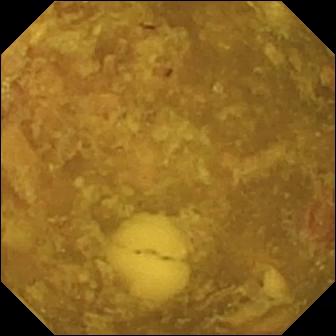This video capsule endoscopy snapshot of the small intestine shows reduced mucosal view (content or bubbles obscuring the mucosa).